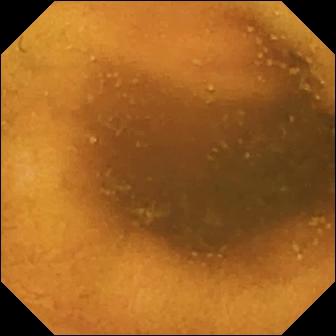modality: small-bowel capsule endoscopy | segment: small bowel | category: luminal finding | impression: normal clean mucosa